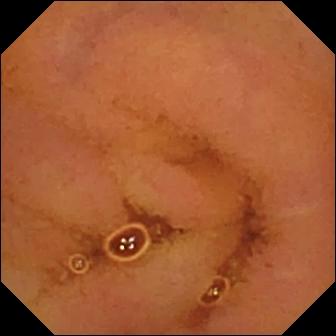Wireless capsule endoscopy image
Finding: normal clean mucosa